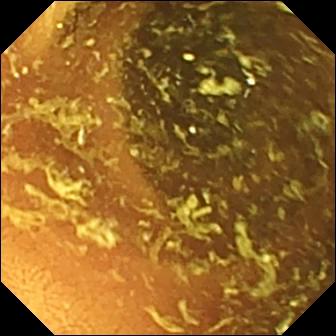modality: small-bowel capsule endoscopy
finding: normal clean mucosa